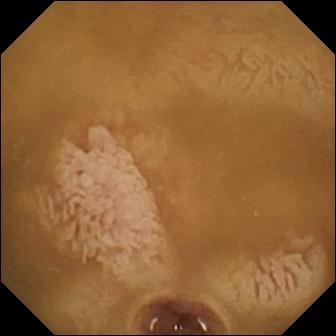Ileo-cecal valve region — WCE snapshot.